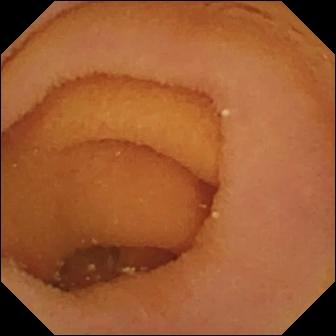VCE view. Taken in the pylorus region.